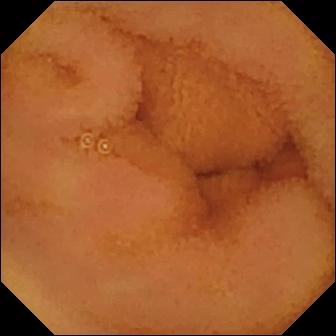{"modality": "VCE", "segment": "small bowel", "finding": "normal clean mucosa"}